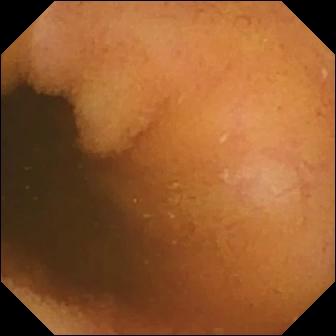This WCE frame shows normal clean mucosa.